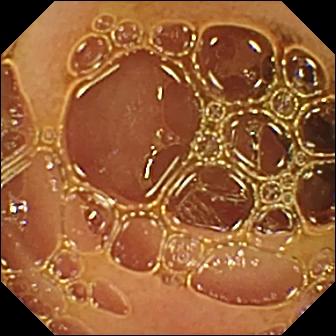Video capsule endoscopy view, small bowel
Observation: normal clean mucosa